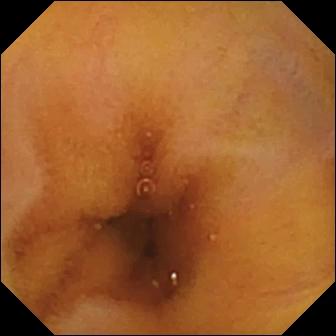Wireless capsule endoscopy — normal clean mucosa.